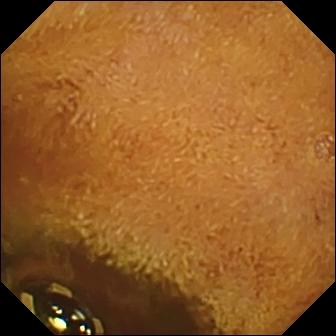VCE snapshot
Observation: foreign body (e.g. retained capsule, tablet residue)